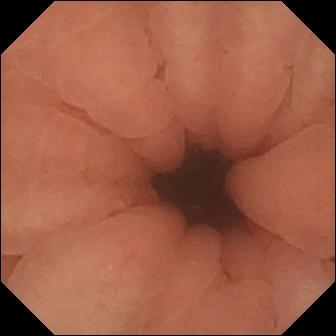This WCE still was taken in the pylorus region (the junction between the stomach and the small bowel).